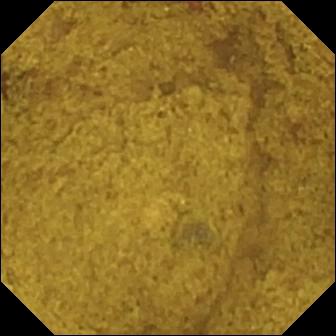Video capsule endoscopy. Label: ileo-cecal valve region (the transition from the small bowel to the large bowel).